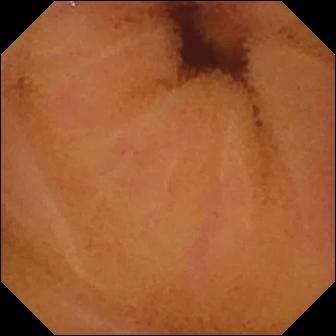VCE still
Label: normal clean mucosa